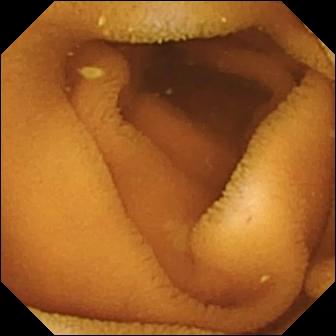Q: What does this video capsule endoscopy still of the small intestine show?
A: Normal clean mucosa.